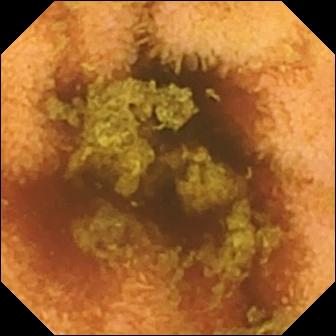VCE snapshot showing normal clean mucosa.